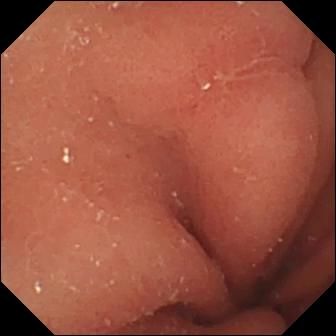VCE snapshot showing erosion.